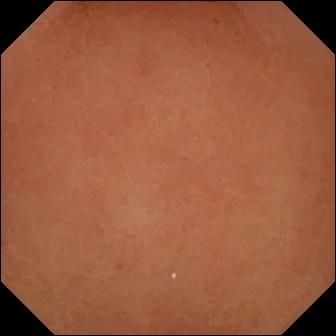modality: VCE | position: pylorus region